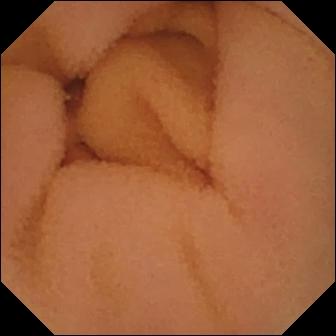{"modality": "wireless capsule endoscopy", "segment": "small bowel", "finding": "normal clean mucosa"}